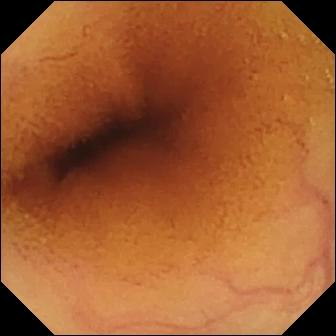Normal clean mucosa — small-bowel capsule endoscopy view of the small bowel.